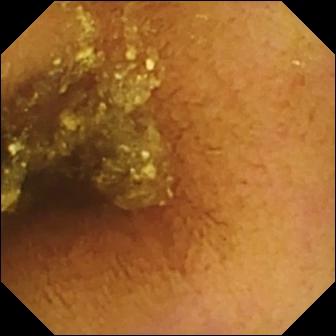Normal clean mucosa (336×336).